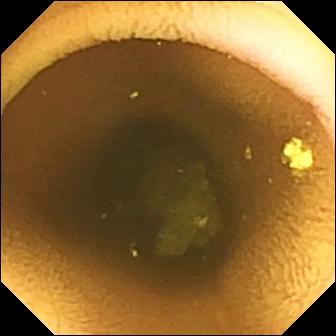Video capsule endoscopy image, small intestine
Finding: normal clean mucosa